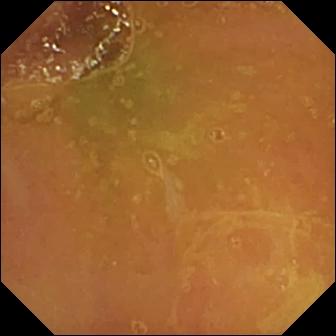- modality: WCE
- finding: normal clean mucosa